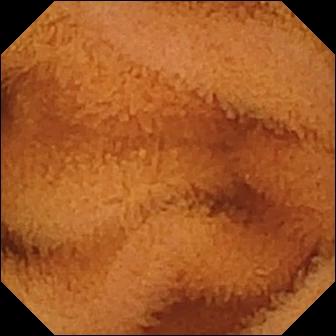{"modality": "small-bowel capsule endoscopy", "segment": "small intestine", "category": "luminal finding", "finding": "normal clean mucosa"}